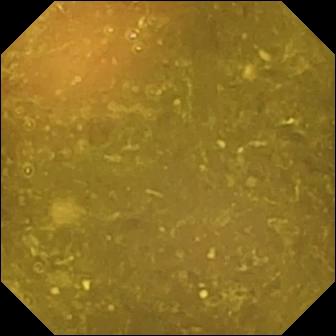{"modality": "VCE", "finding": "reduced mucosal view (content or bubbles obscuring the mucosa)"}